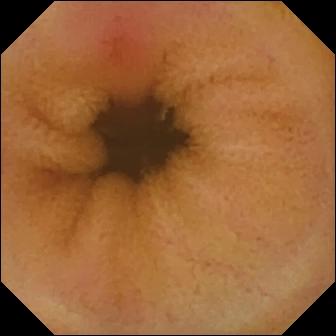Erythema (mucosal redness) — wireless capsule endoscopy frame.